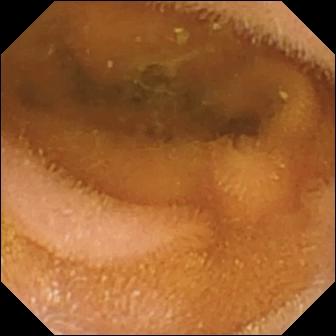Q: What does this capsule endoscopy frame show?
A: Normal clean mucosa.